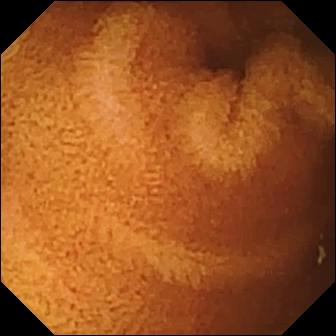VCE — normal clean mucosa.